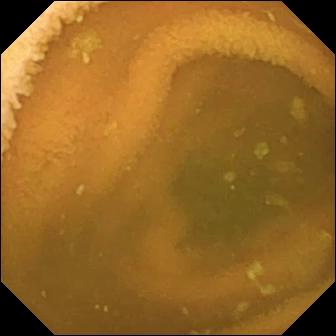Wireless capsule endoscopy — normal clean mucosa.